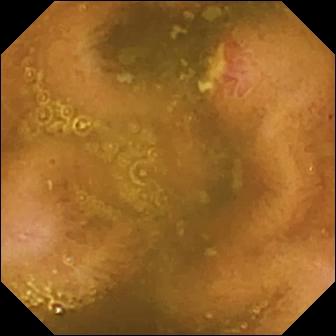Small-bowel capsule endoscopy still. Ulcer.